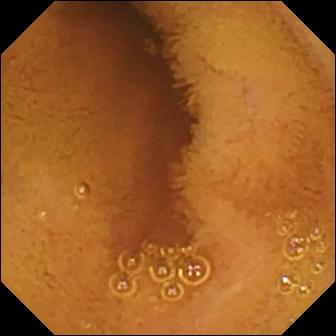WCE image (small intestine), 336×336. Normal clean mucosa.